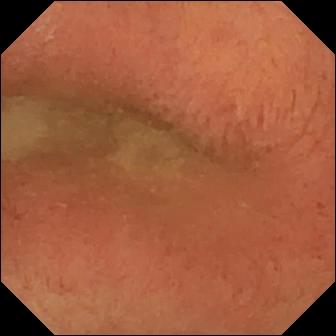Small-bowel capsule endoscopy still
Position: pylorus region (the junction between the stomach and the small bowel)